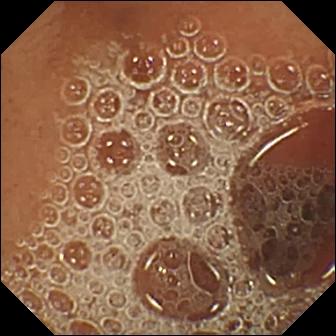modality: wireless capsule endoscopy | category: luminal finding | impression: normal clean mucosa